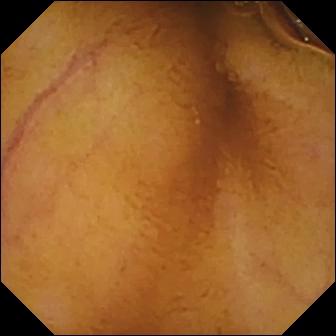Video capsule endoscopy image, small intestine
Impression: normal clean mucosa